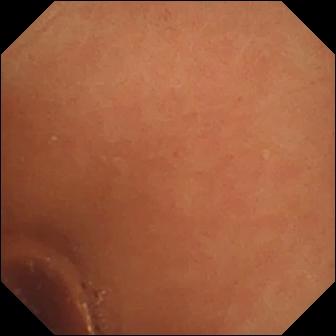PROCEDURE: Capsule endoscopy.
FINDINGS: Normal clean mucosa.